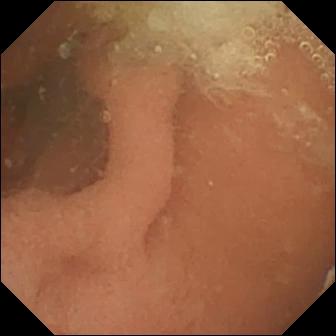This wireless capsule endoscopy frame shows normal clean mucosa.